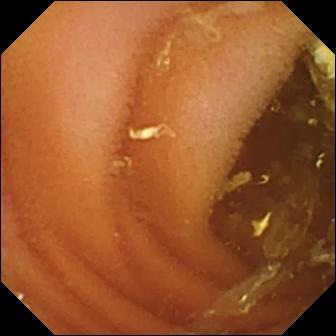Video capsule endoscopy. Small intestine. Observation: normal clean mucosa.